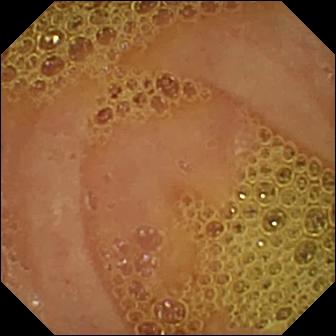{"modality": "video capsule endoscopy", "segment": "small intestine", "finding": "normal clean mucosa"}